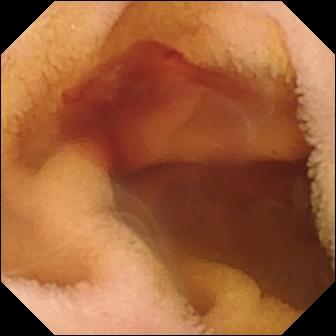This capsule endoscopy view shows fresh blood in the lumen.